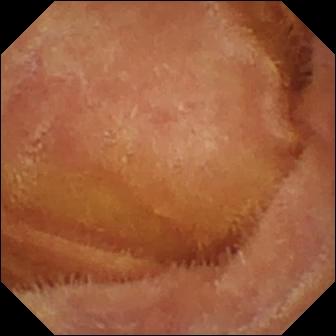modality: capsule endoscopy; segment: small bowel; finding: normal clean mucosa